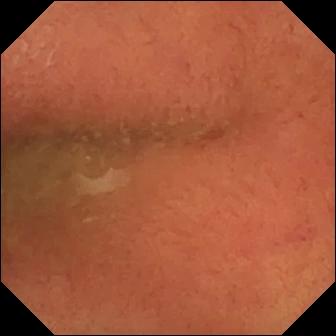WCE frame taken in the pylorus region (the junction between the stomach and the small bowel).